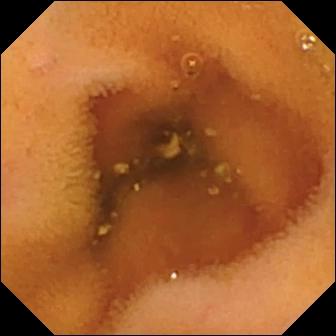VCE still. Normal clean mucosa.